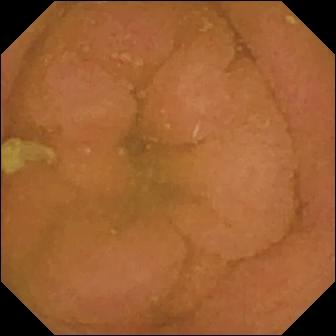modality: capsule endoscopy
segment: small intestine
impression: normal clean mucosa